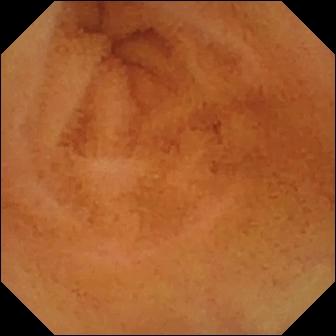Normal clean mucosa.